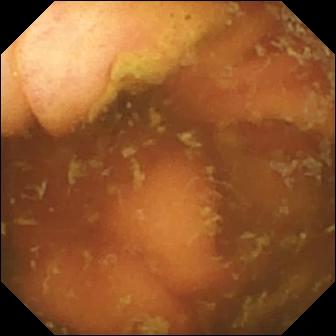Video capsule endoscopy. Video segment: ileo-cecal valve region (where the capsule passes from the small bowel into the large bowel).